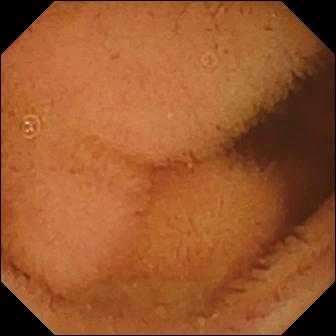Normal clean mucosa.